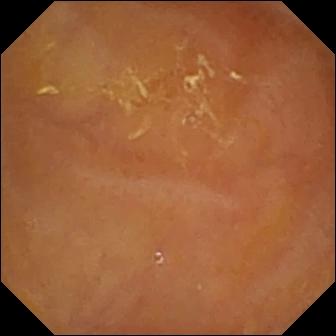Q: What does this wireless capsule endoscopy image show?
A: Reduced mucosal view (content or bubbles obscuring the mucosa).